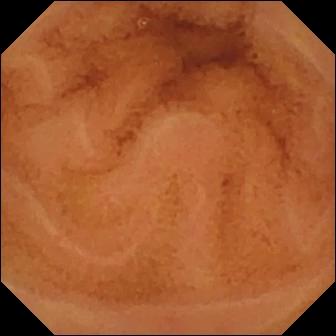Video capsule endoscopy still of the small bowel showing normal clean mucosa.